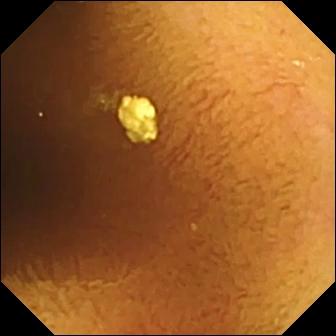- modality: video capsule endoscopy
- segment: small bowel
- impression: normal clean mucosa